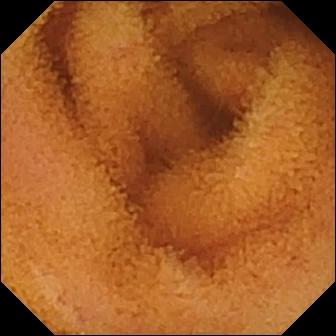modality: video capsule endoscopy
category: luminal finding
observation: normal clean mucosa